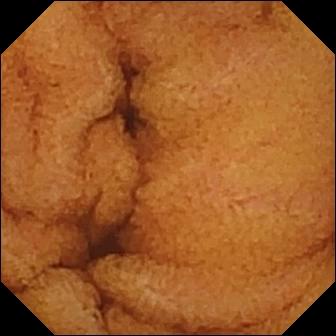Normal clean mucosa — VCE view.